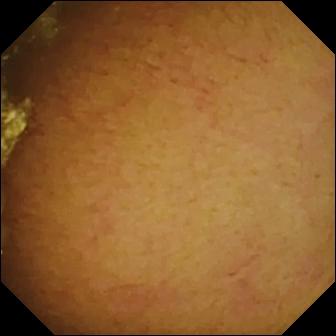Video capsule endoscopy view (small intestine). Normal clean mucosa.